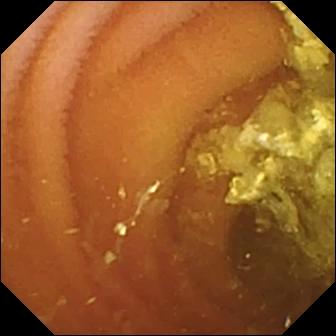Small-bowel capsule endoscopy view
Finding: normal clean mucosa